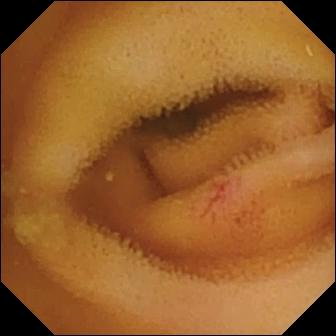modality: wireless capsule endoscopy; category: luminal finding; label: angiectasia